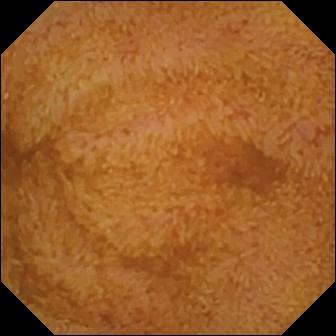Wireless capsule endoscopy frame
Video segment: ileo-cecal valve region (where the capsule passes from the small bowel into the large bowel)